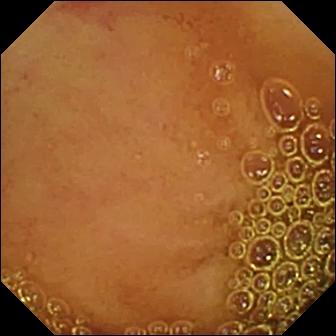- modality: video capsule endoscopy
- observation: angiectasia